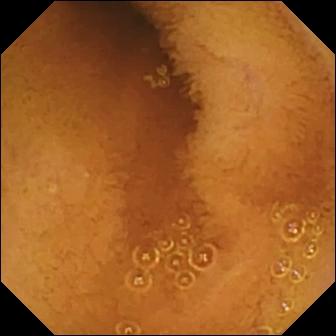WCE view (small intestine). Normal clean mucosa.